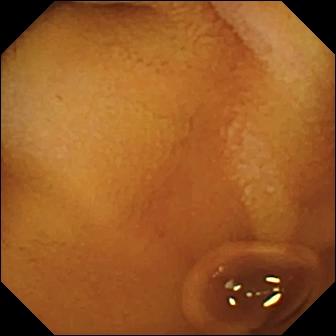Capsule endoscopy — normal clean mucosa.